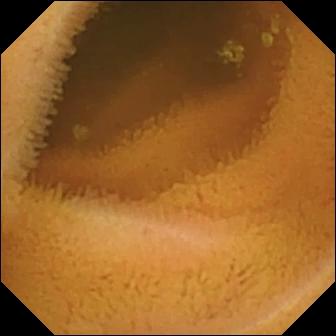Small-bowel capsule endoscopy — normal clean mucosa.